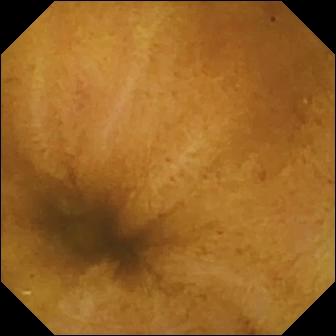modality: VCE | segment: small intestine | category: luminal finding | label: normal clean mucosa